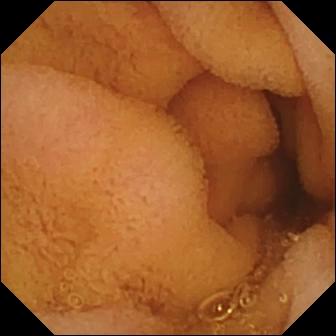This WCE snapshot shows normal clean mucosa.